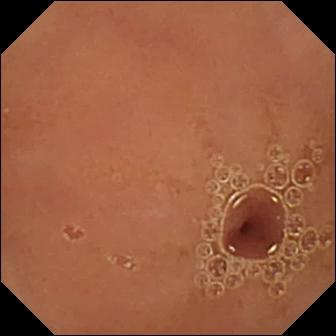{"modality": "VCE", "category": "luminal finding", "finding": "normal clean mucosa"}